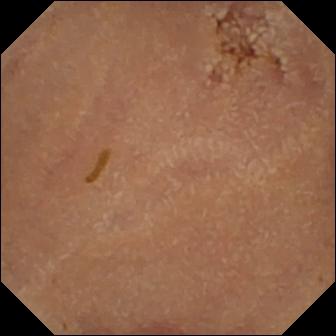PROCEDURE: Capsule endoscopy.
SEGMENT: Small bowel.
FINDINGS: Normal clean mucosa.